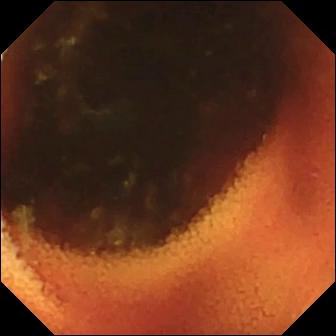Q: Where in the digestive tract was this wireless capsule endoscopy still taken?
A: Ileo-cecal valve region.